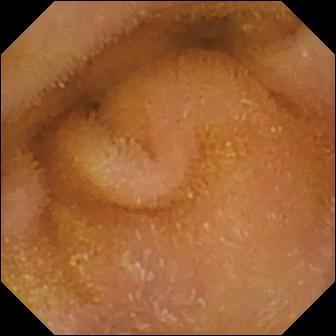Normal clean mucosa.